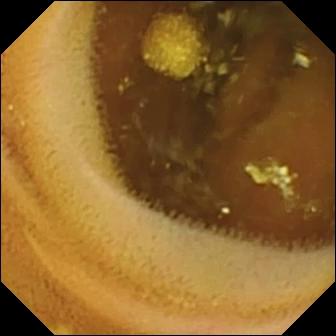VCE snapshot showing lymphangiectasia.